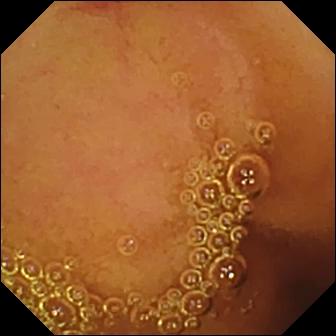Wireless capsule endoscopy. Observation: angiectasia.